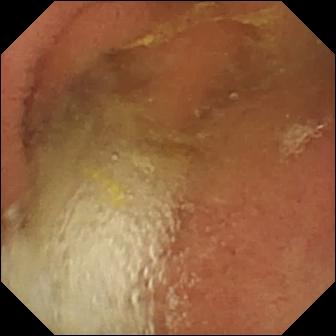VCE frame
Label: pylorus region (the junction between the stomach and the small bowel)